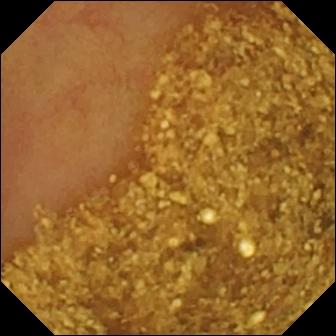- modality: wireless capsule endoscopy
- video segment: ileo-cecal valve region